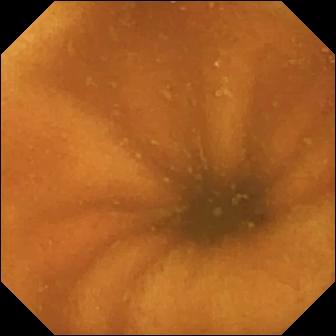WCE. Small bowel. Finding: normal clean mucosa.